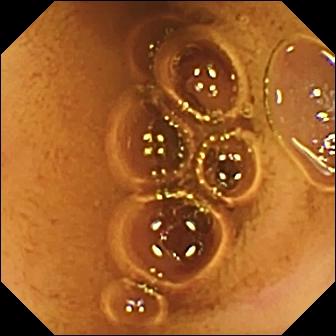VCE view, small bowel
Impression: normal clean mucosa